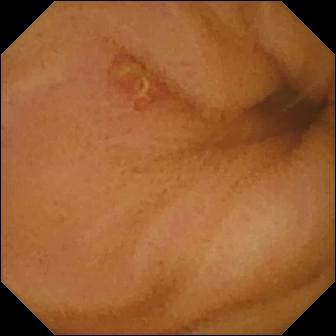- modality: video capsule endoscopy
- label: ulcer